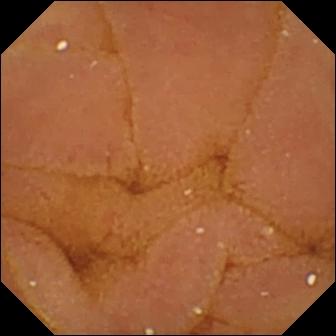modality: WCE | segment: small intestine | label: normal clean mucosa